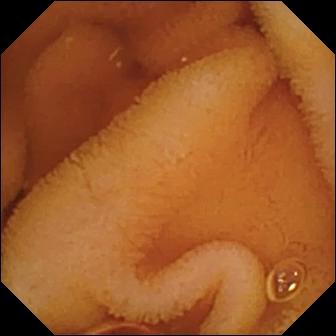Normal clean mucosa — capsule endoscopy frame of the small bowel.